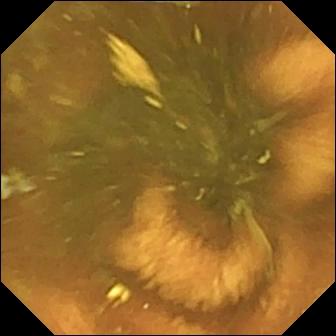Video capsule endoscopy — ileo-cecal valve region (where the capsule passes from the small bowel into the large bowel).